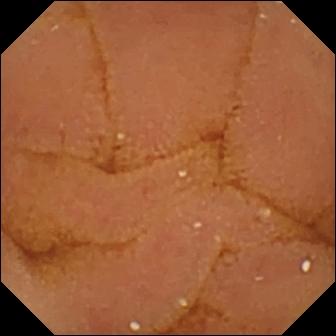PROCEDURE: Capsule endoscopy.
SEGMENT: Small bowel.
FINDINGS: Normal clean mucosa.